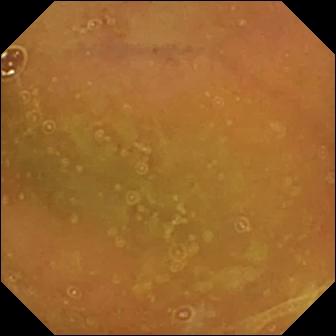Normal clean mucosa — small-bowel capsule endoscopy snapshot of the small bowel.